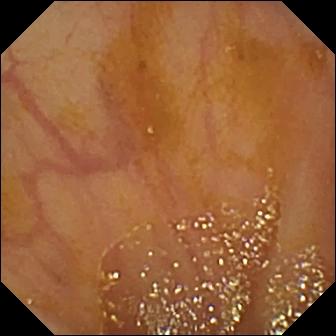WCE frame
Label: ileo-cecal valve region